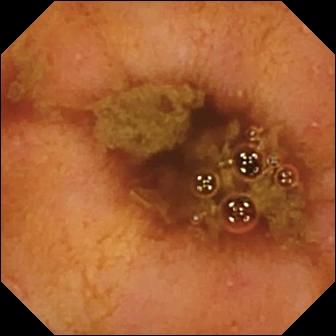- modality: VCE
- category: anatomical landmark
- position: ileo-cecal valve region